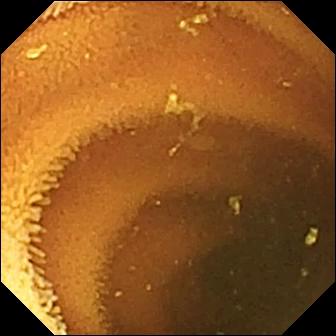- modality: VCE
- category: luminal finding
- impression: normal clean mucosa